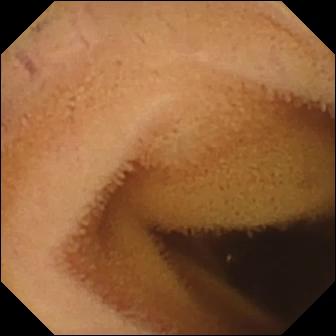{"modality": "WCE", "segment": "small intestine", "finding": "normal clean mucosa"}